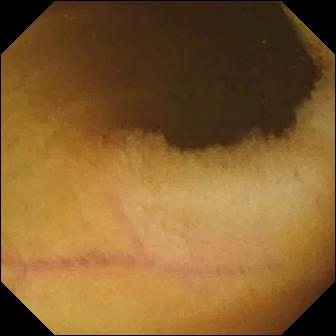{"modality": "WCE", "segment": "small bowel", "finding": "normal clean mucosa"}